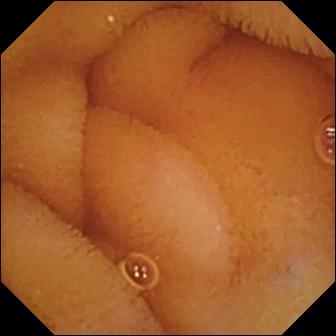{"modality": "wireless capsule endoscopy", "segment": "small bowel", "finding": "normal clean mucosa"}